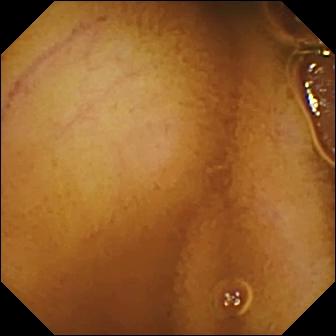Video capsule endoscopy snapshot
Observation: normal clean mucosa